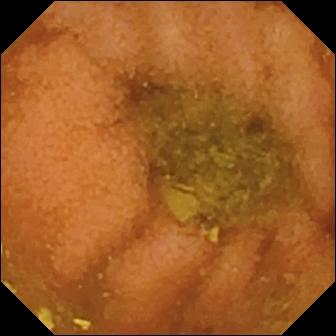This wireless capsule endoscopy snapshot shows normal clean mucosa.